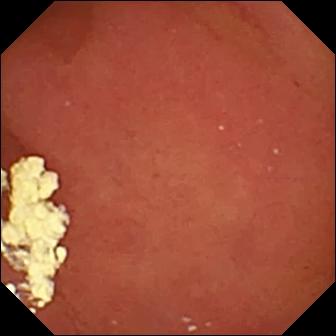modality: video capsule endoscopy
position: pylorus region (the junction between the stomach and the small bowel)